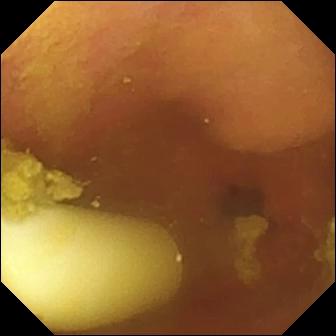Q: What does this small-bowel capsule endoscopy frame show?
A: Foreign body (e.g. retained capsule, tablet residue).